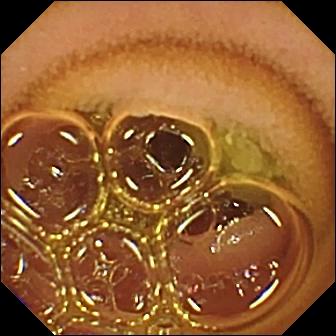- modality: video capsule endoscopy
- segment: small bowel
- label: normal clean mucosa